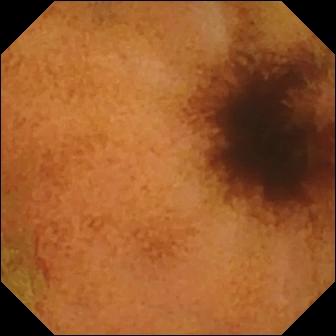Capsule endoscopy — normal clean mucosa.